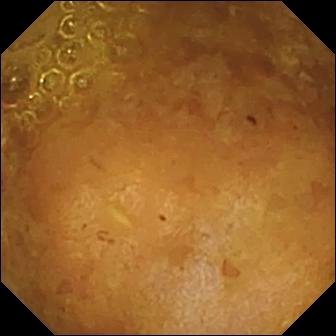VCE. Small bowel. Impression: reduced mucosal view (content or bubbles obscuring the mucosa).